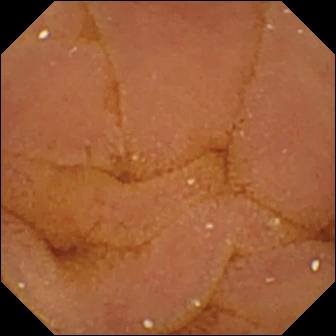modality: VCE; segment: small bowel; finding: normal clean mucosa